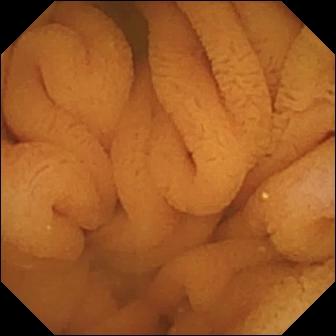Wireless capsule endoscopy. Finding: normal clean mucosa.